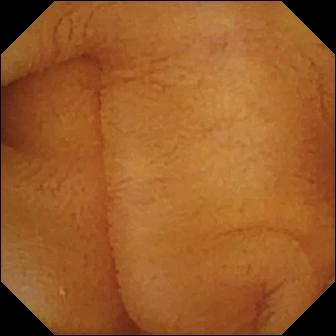Small-bowel capsule endoscopy — normal clean mucosa.